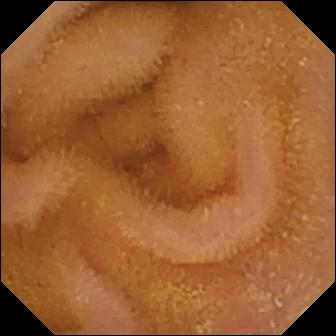Capsule endoscopy snapshot, small intestine
Impression: normal clean mucosa